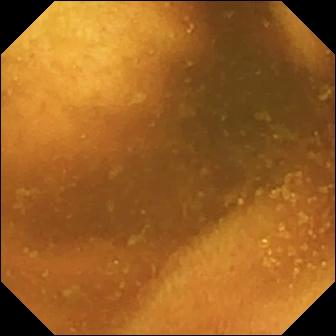- modality: capsule endoscopy
- segment: small intestine
- impression: normal clean mucosa